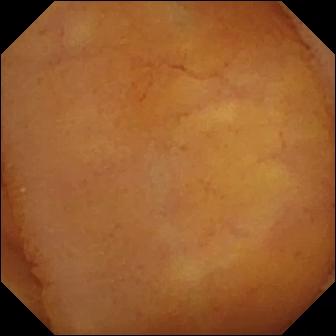WCE frame of the small intestine showing normal clean mucosa.